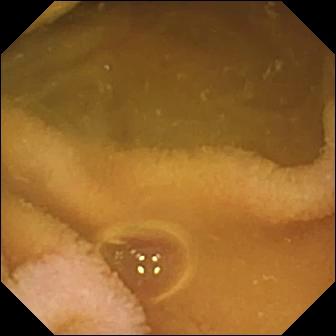{"modality": "capsule endoscopy", "category": "luminal finding", "finding": "normal clean mucosa"}